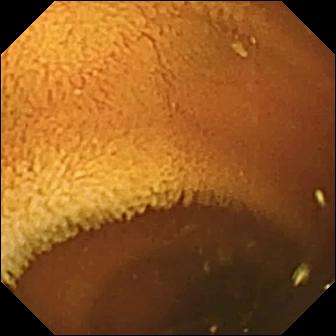Normal clean mucosa — WCE view of the small bowel.